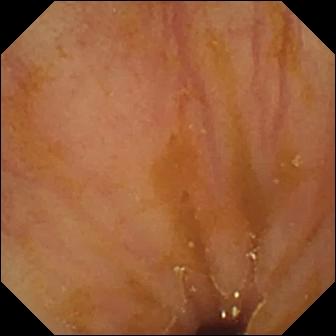WCE. Label: ileo-cecal valve region (the transition from the small bowel to the large bowel).